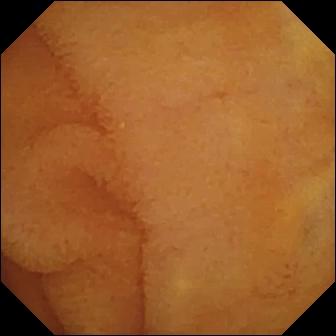Normal clean mucosa.